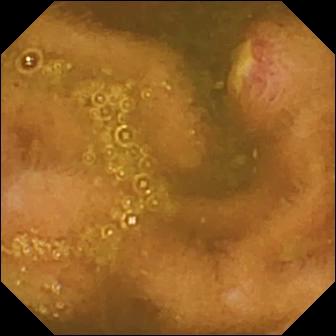{"modality": "wireless capsule endoscopy", "finding": "ulcer"}